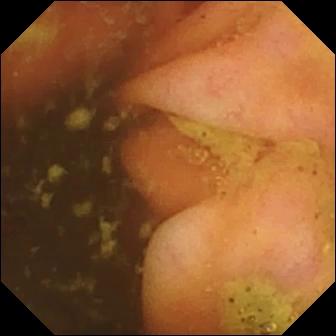Wireless capsule endoscopy frame taken in the ileo-cecal valve region (where the capsule passes from the small bowel into the large bowel).